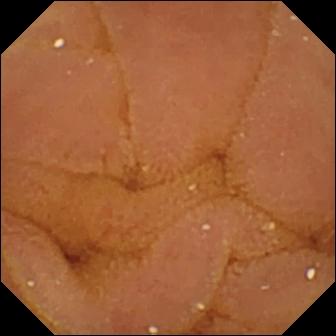modality: VCE; segment: small bowel; category: luminal finding; observation: normal clean mucosa